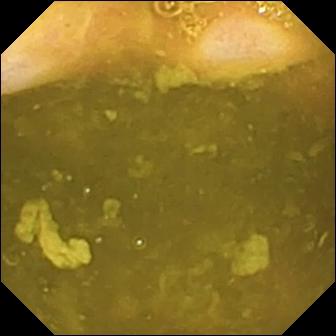Ileo-cecal valve region (the transition from the small bowel to the large bowel) — video capsule endoscopy frame.